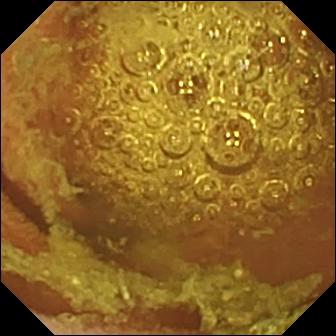modality: VCE | segment: small bowel | finding: normal clean mucosa